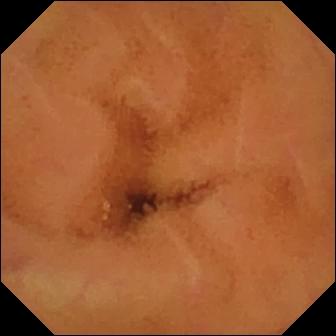Capsule endoscopy snapshot
Finding: normal clean mucosa